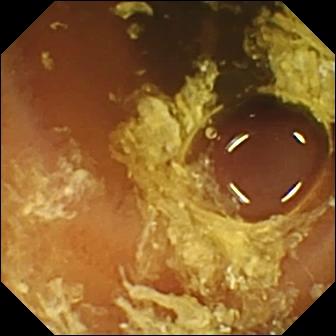Small-bowel capsule endoscopy view
Label: normal clean mucosa